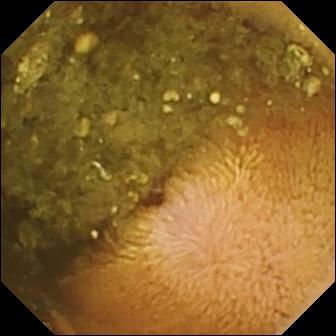VCE view (small intestine). Reduced mucosal view (content or bubbles obscuring the mucosa).